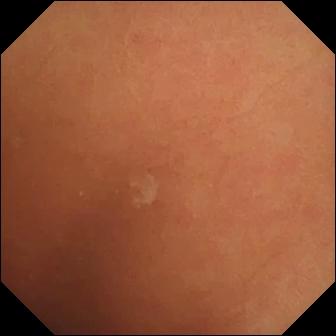Capsule endoscopy. Observation: normal clean mucosa.